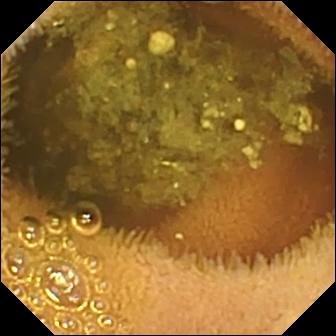Q: What does this video capsule endoscopy snapshot of the small intestine show?
A: Reduced mucosal view (content or bubbles obscuring the mucosa).